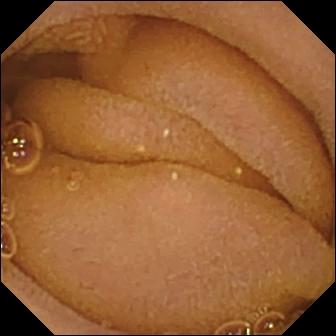modality: WCE; label: normal clean mucosa